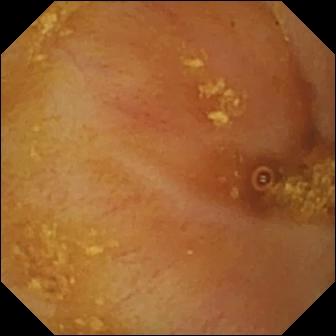PROCEDURE: Video capsule endoscopy.
VIDEO SEGMENT: Ileo-cecal valve region (the transition from the small bowel to the large bowel).